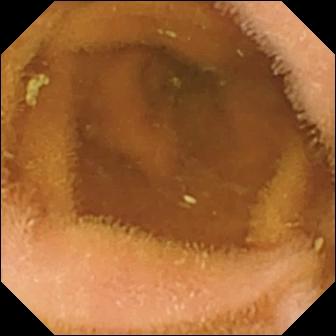This small-bowel capsule endoscopy view shows normal clean mucosa.